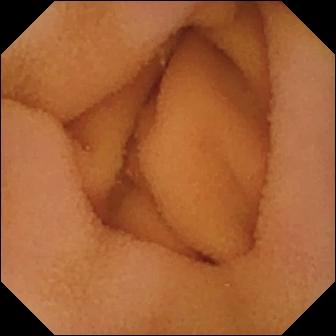Small-bowel capsule endoscopy still
Label: normal clean mucosa